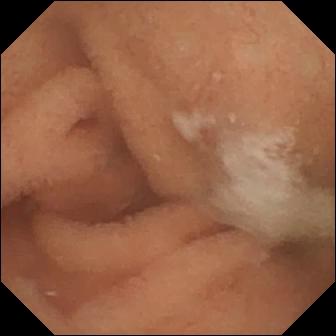Wireless capsule endoscopy snapshot of the small intestine showing normal clean mucosa.